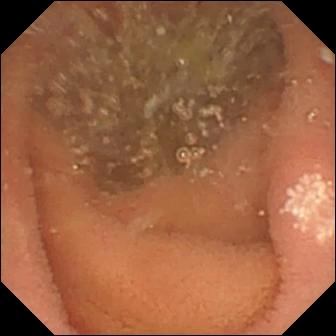Lymphangiectasia.